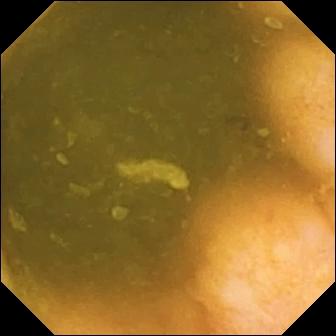Ileo-cecal valve region (where the capsule passes from the small bowel into the large bowel), 336×336.